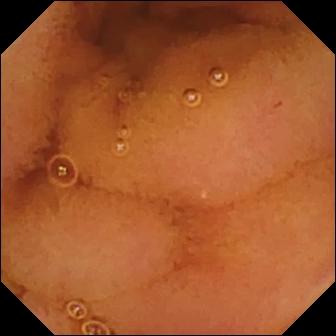Normal clean mucosa — small-bowel capsule endoscopy still of the small bowel.